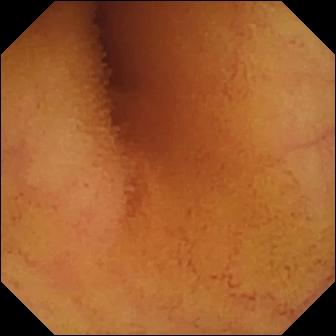Video capsule endoscopy — normal clean mucosa.